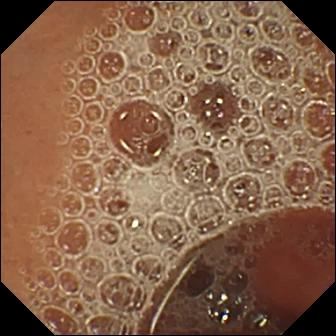Q: What does this video capsule endoscopy frame show?
A: Normal clean mucosa.